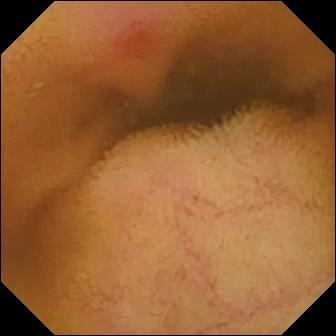Erythema (mucosal redness) — video capsule endoscopy image.